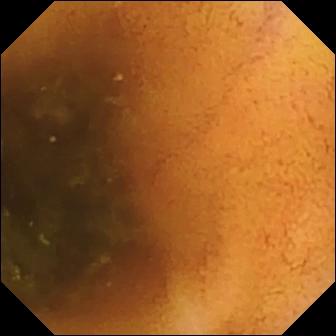{"modality": "video capsule endoscopy", "finding": "normal clean mucosa"}